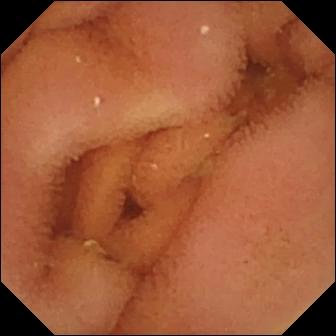Capsule endoscopy still
Impression: normal clean mucosa